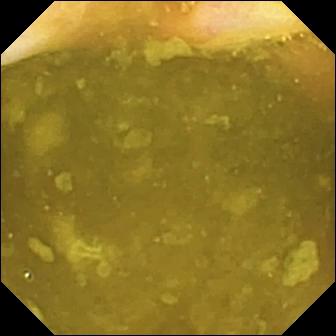Small-bowel capsule endoscopy image. Taken in the ileo-cecal valve region (the transition from the small bowel to the large bowel).